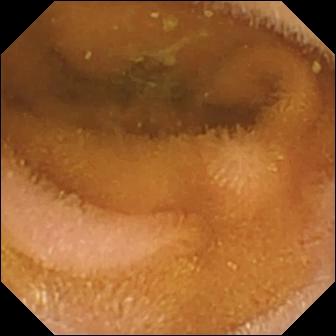Wireless capsule endoscopy image, small bowel
Observation: normal clean mucosa